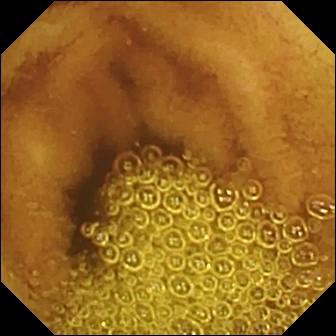{"modality": "small-bowel capsule endoscopy", "finding": "normal clean mucosa"}